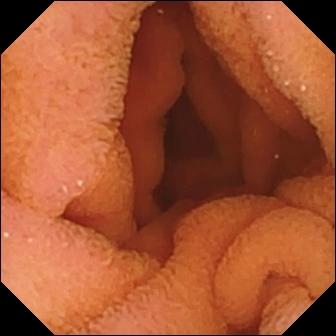PROCEDURE: Wireless capsule endoscopy.
SEGMENT: Small bowel.
FINDINGS: Normal clean mucosa.